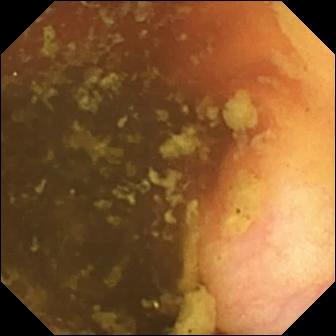Capsule endoscopy frame. Taken in the ileo-cecal valve region.